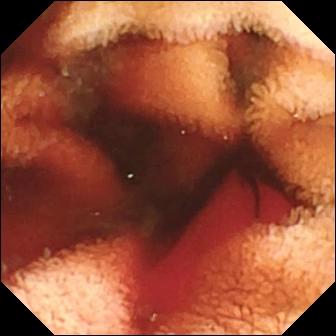Fresh blood in the lumen.